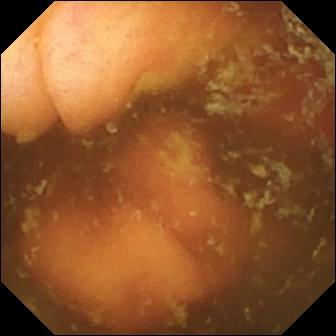Video capsule endoscopy. Location: ileo-cecal valve region.